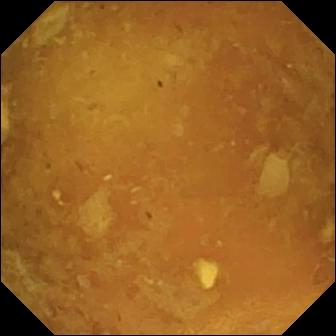Capsule endoscopy still (small intestine). Reduced mucosal view (content or bubbles obscuring the mucosa).